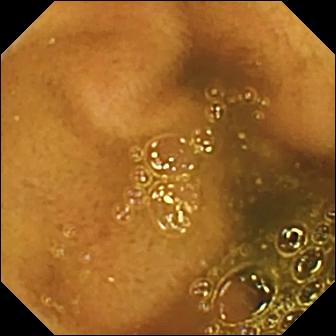modality: video capsule endoscopy | label: ileo-cecal valve region (where the capsule passes from the small bowel into the large bowel)